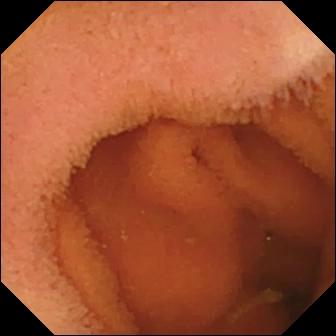Small-bowel capsule endoscopy frame (small intestine). Normal clean mucosa.